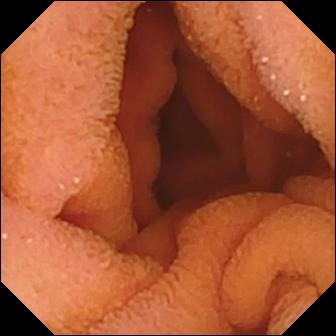Normal clean mucosa.